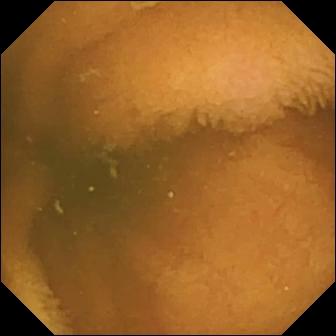- modality: VCE
- label: normal clean mucosa